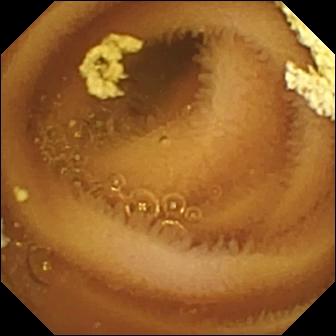Video capsule endoscopy snapshot showing normal clean mucosa.